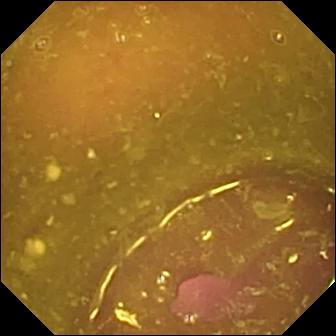- modality: WCE
- category: luminal finding
- finding: reduced mucosal view (content or bubbles obscuring the mucosa)